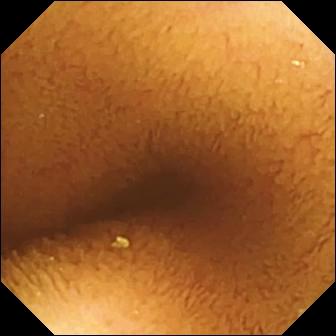Q: What does this capsule endoscopy frame show?
A: Normal clean mucosa.